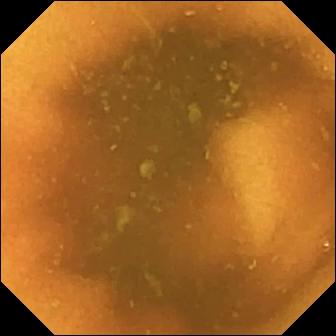Q: What does this capsule endoscopy still of the small intestine show?
A: Normal clean mucosa.